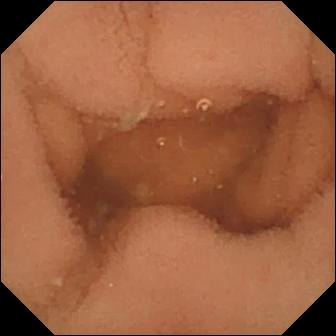{"modality": "wireless capsule endoscopy", "segment": "small bowel", "finding": "normal clean mucosa"}